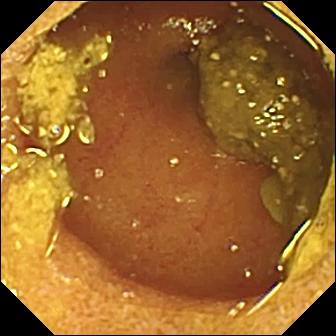Video capsule endoscopy — ileo-cecal valve region (where the capsule passes from the small bowel into the large bowel).